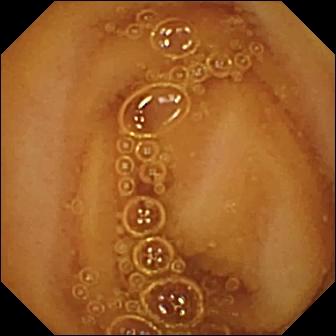Small-bowel capsule endoscopy view showing normal clean mucosa.